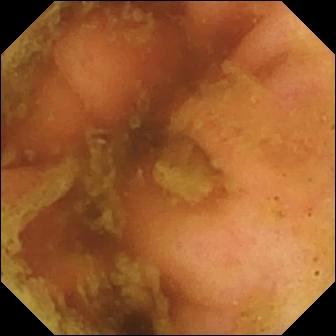modality: WCE
label: ileo-cecal valve region (the transition from the small bowel to the large bowel)